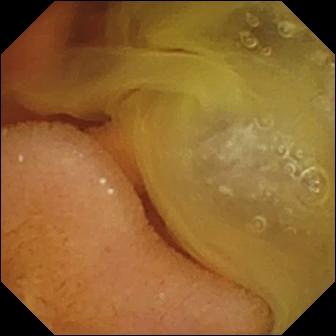WCE still, small bowel
Finding: normal clean mucosa